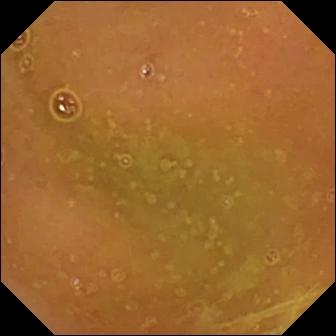This small-bowel capsule endoscopy image shows normal clean mucosa.